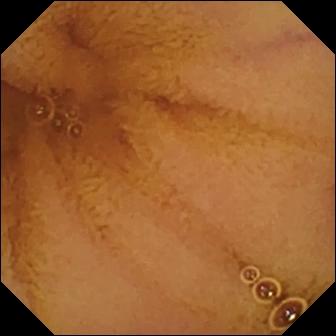WCE. Luminal finding. Finding: normal clean mucosa.